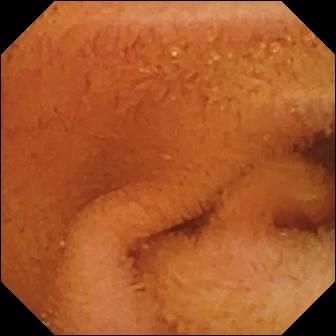Capsule endoscopy still showing normal clean mucosa.